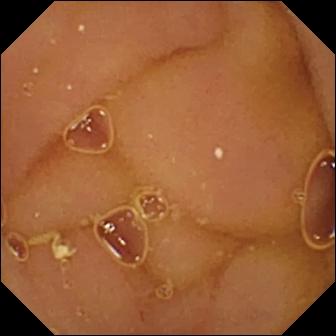WCE snapshot. Normal clean mucosa.